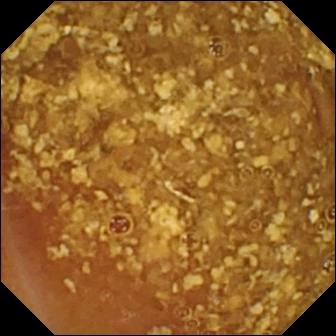Reduced mucosal view (content or bubbles obscuring the mucosa) (336×336).